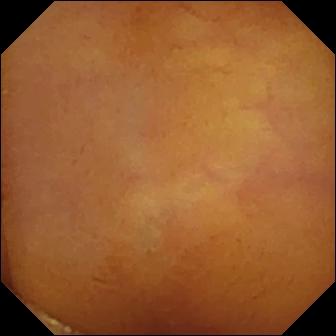modality: VCE; category: luminal finding; observation: normal clean mucosa